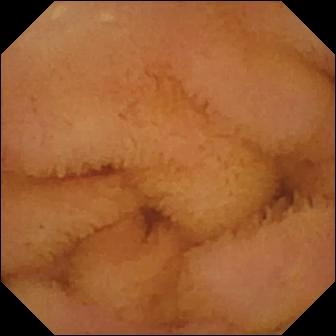PROCEDURE: WCE.
SEGMENT: Small bowel.
FINDINGS: Normal clean mucosa.